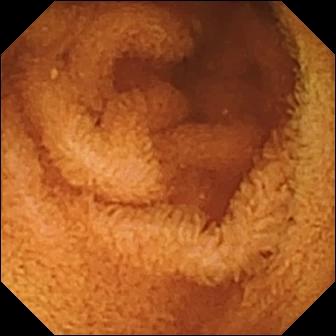Q: What does this small-bowel capsule endoscopy still show?
A: Normal clean mucosa.